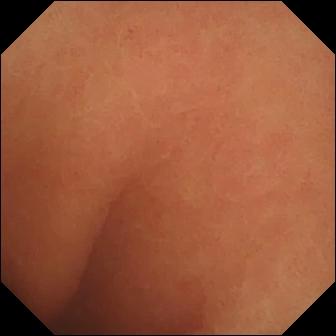This video capsule endoscopy view shows normal clean mucosa.